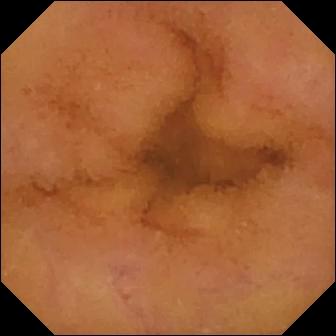VCE view. Normal clean mucosa.